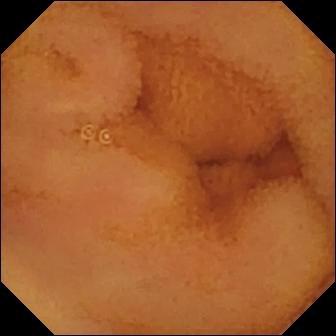modality: video capsule endoscopy
segment: small bowel
category: luminal finding
label: normal clean mucosa